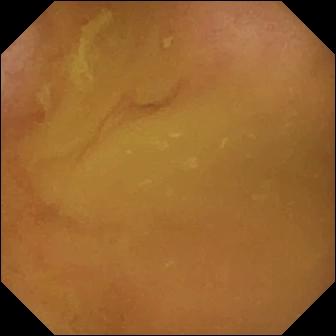Wireless capsule endoscopy view (small intestine), 336×336. Normal clean mucosa.